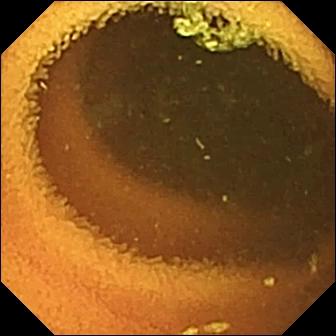{"modality": "WCE", "category": "luminal finding", "finding": "normal clean mucosa"}